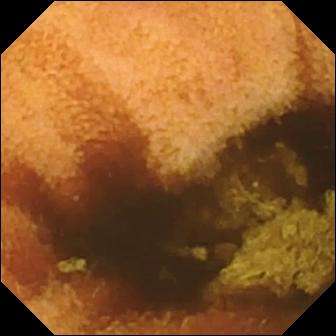Capsule endoscopy image, small intestine
Finding: normal clean mucosa